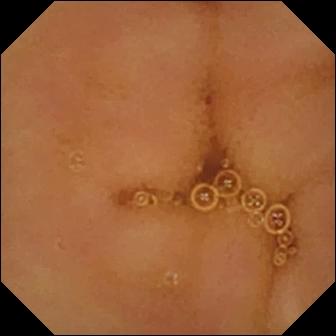Capsule endoscopy image (small bowel). Normal clean mucosa.